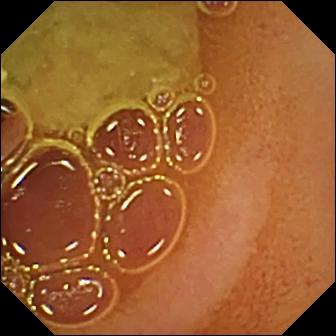{"modality": "VCE", "finding": "normal clean mucosa"}